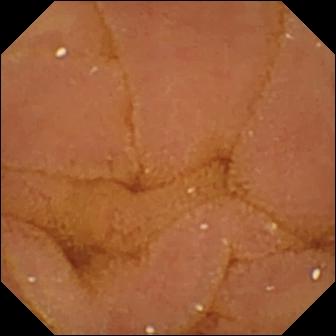{"modality": "WCE", "finding": "normal clean mucosa"}